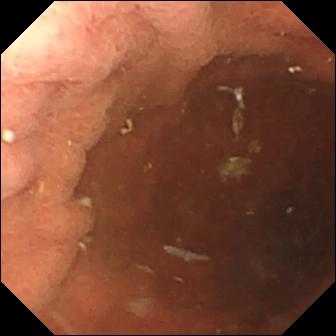Pylorus region (the junction between the stomach and the small bowel) — video capsule endoscopy image.